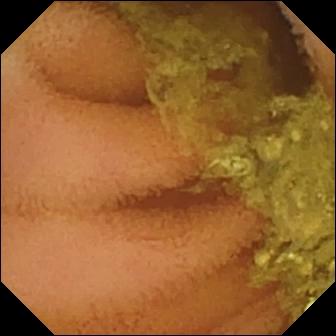- modality: capsule endoscopy
- label: normal clean mucosa